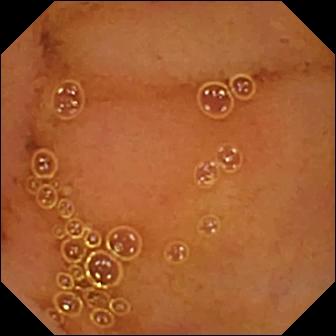WCE — normal clean mucosa.